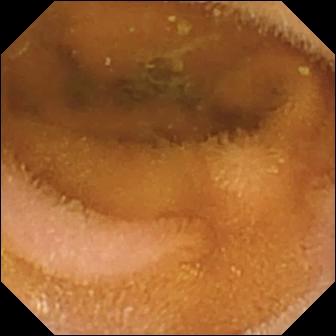Q: What does this video capsule endoscopy view of the small intestine show?
A: Normal clean mucosa.